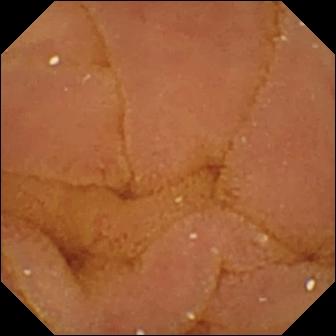Capsule endoscopy snapshot. Normal clean mucosa.